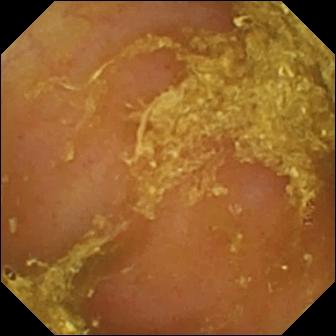VCE still of the small bowel showing reduced mucosal view (content or bubbles obscuring the mucosa).